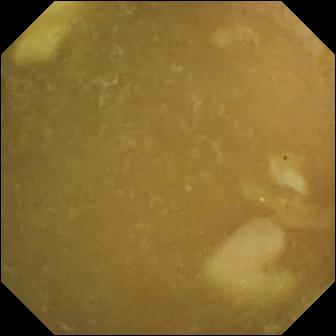Wireless capsule endoscopy. Location: ileo-cecal valve region.